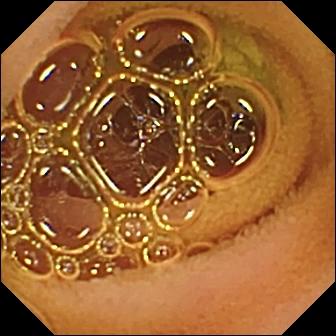Normal clean mucosa.